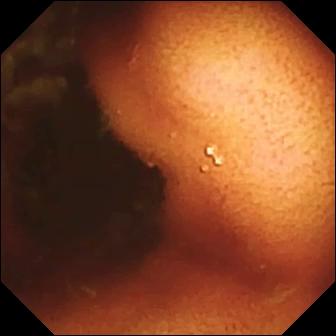Video capsule endoscopy snapshot taken in the ileo-cecal valve region (where the capsule passes from the small bowel into the large bowel).